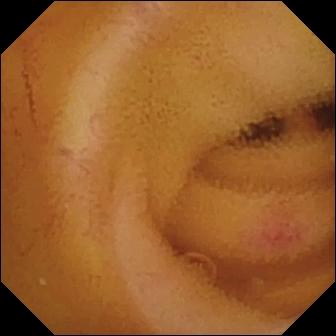Angiectasia.